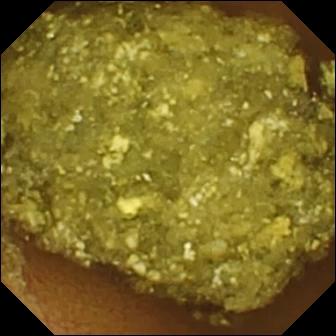WCE frame (small intestine). Normal clean mucosa.